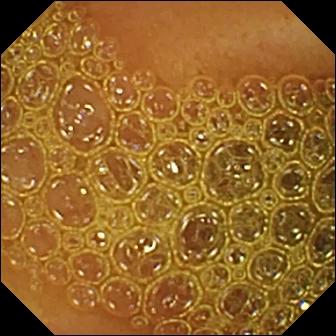Capsule endoscopy still of the small intestine showing reduced mucosal view (content or bubbles obscuring the mucosa).